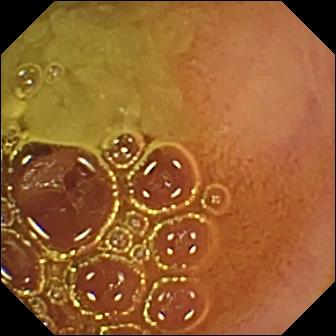Video capsule endoscopy — normal clean mucosa.